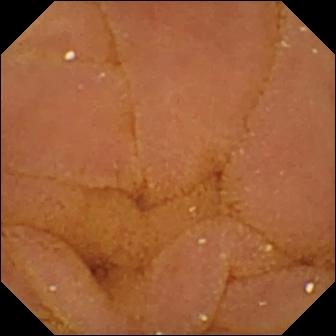WCE image showing normal clean mucosa.